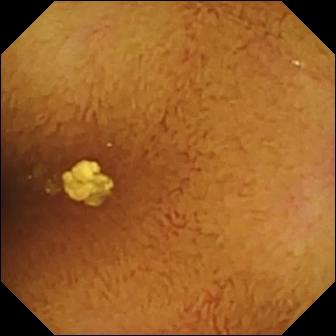WCE snapshot, small intestine
Finding: normal clean mucosa